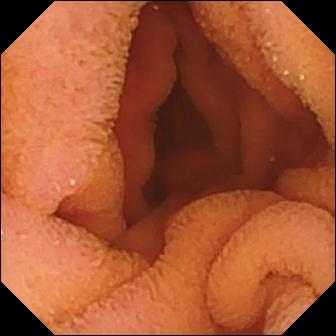Normal clean mucosa — video capsule endoscopy frame.